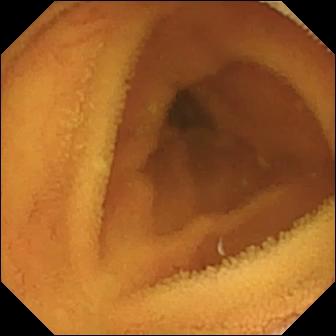Wireless capsule endoscopy snapshot
Label: normal clean mucosa